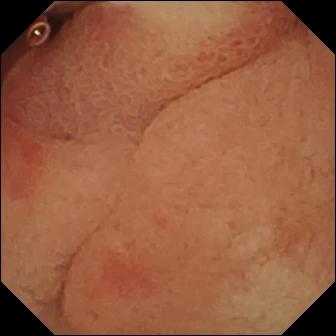Ulcer — wireless capsule endoscopy snapshot.